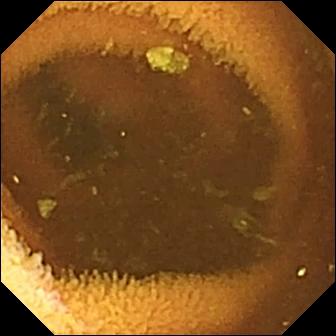{"modality": "VCE", "segment": "small intestine", "finding": "normal clean mucosa"}